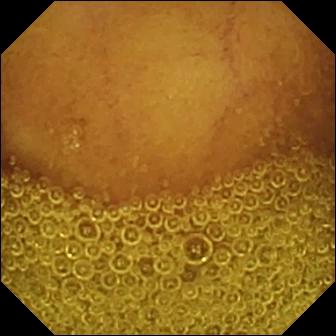Q: What does this small-bowel capsule endoscopy frame show?
A: Normal clean mucosa.